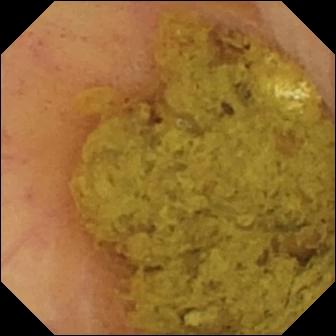WCE image, 336×336. Taken in the ileo-cecal valve region.